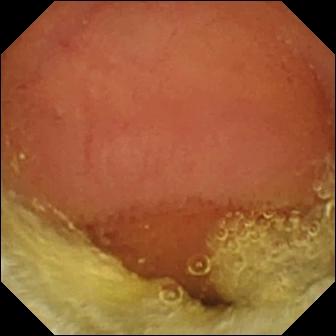Video capsule endoscopy. Small intestine. Luminal finding. Impression: normal clean mucosa.